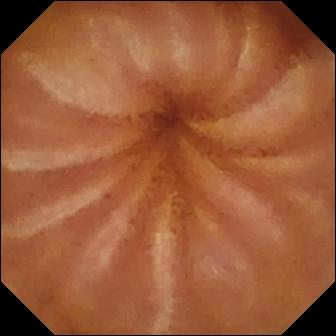Small-bowel capsule endoscopy — normal clean mucosa.